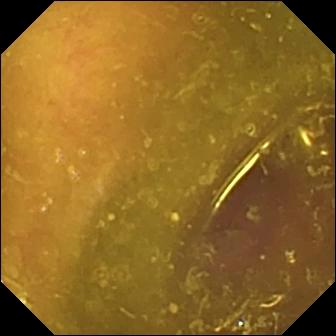PROCEDURE: Capsule endoscopy.
FINDINGS: Reduced mucosal view (content or bubbles obscuring the mucosa).